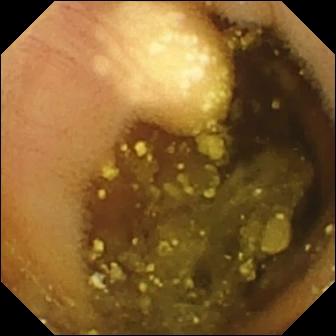Small-bowel capsule endoscopy — lymphangiectasia.